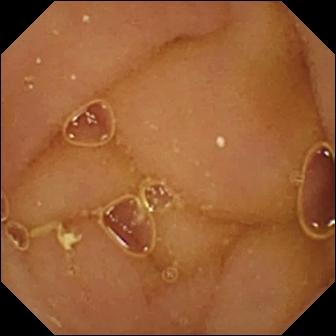Wireless capsule endoscopy image. Normal clean mucosa.